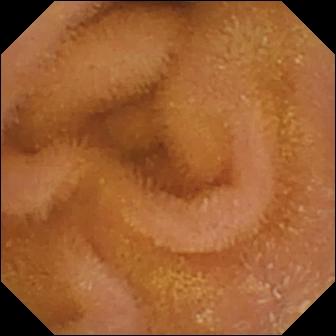Capsule endoscopy view showing normal clean mucosa.